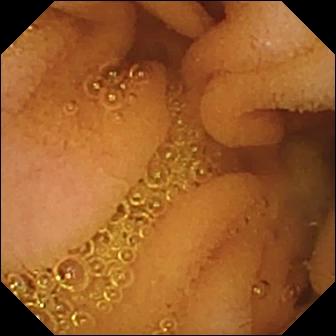Q: What does this capsule endoscopy snapshot show?
A: Normal clean mucosa.